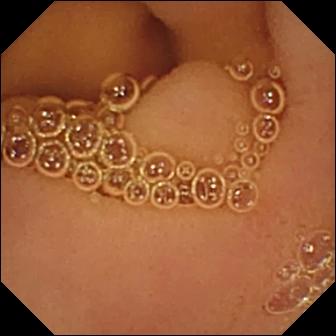WCE. Luminal finding. Finding: normal clean mucosa.